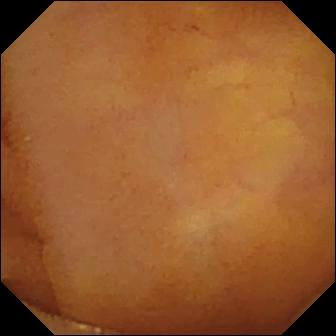Normal clean mucosa — video capsule endoscopy still.